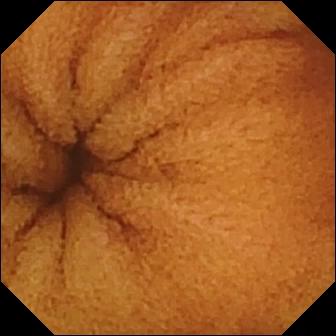Normal clean mucosa.